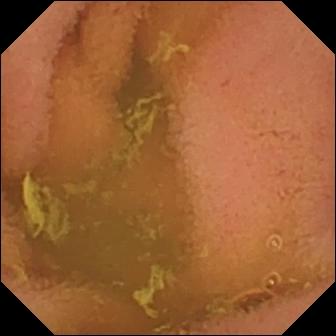Video capsule endoscopy. Small bowel. Luminal finding. Impression: normal clean mucosa.